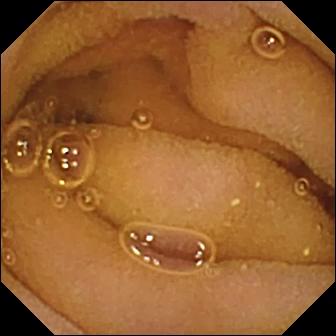{"modality": "small-bowel capsule endoscopy", "segment": "small intestine", "finding": "normal clean mucosa"}